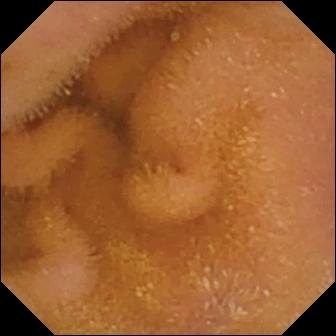Video capsule endoscopy — normal clean mucosa.